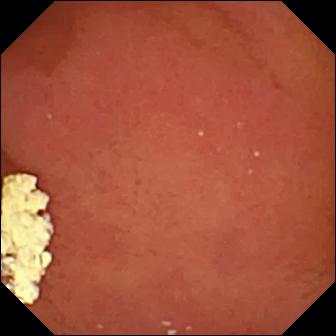{"modality": "small-bowel capsule endoscopy", "location": "pylorus region (the junction between the stomach and the small bowel)"}